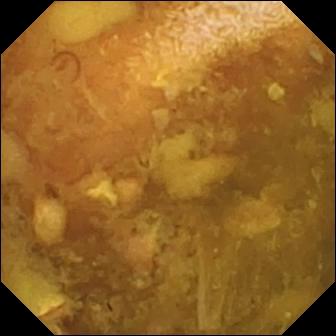PROCEDURE: Capsule endoscopy.
SEGMENT: Small bowel.
FINDINGS: Reduced mucosal view (content or bubbles obscuring the mucosa).